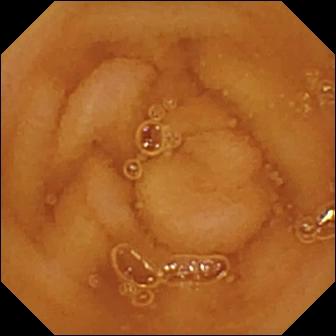This VCE frame of the small intestine shows normal clean mucosa.